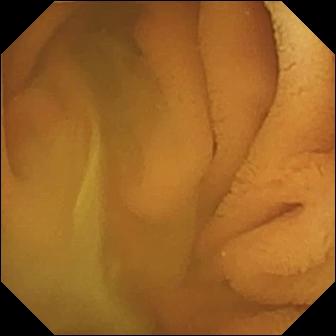modality: capsule endoscopy; observation: normal clean mucosa